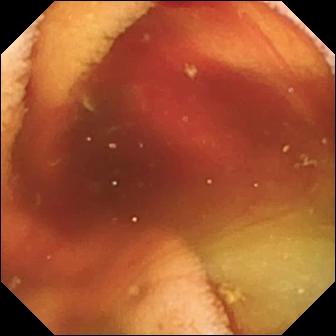Fresh blood in the lumen.